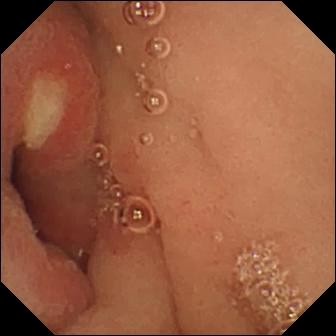- modality: video capsule endoscopy
- label: ulcer